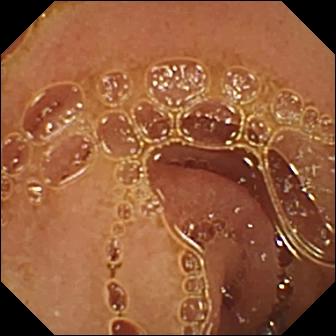WCE — normal clean mucosa.